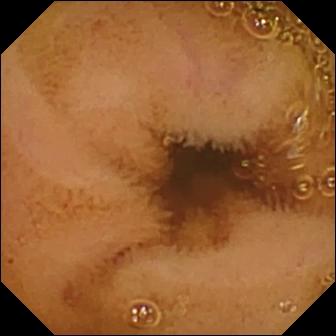PROCEDURE: VCE.
SEGMENT: Small bowel.
FINDINGS: Normal clean mucosa.